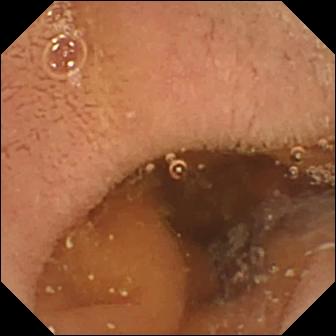Pylorus region — capsule endoscopy frame.